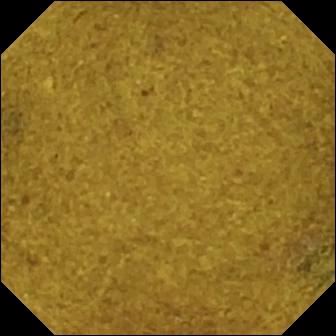Ileo-cecal valve region — VCE frame.